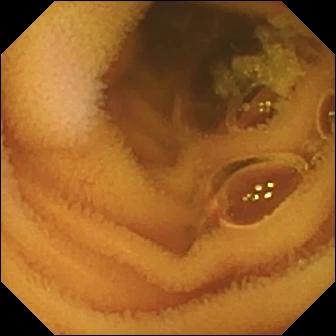This VCE frame of the small intestine shows normal clean mucosa.